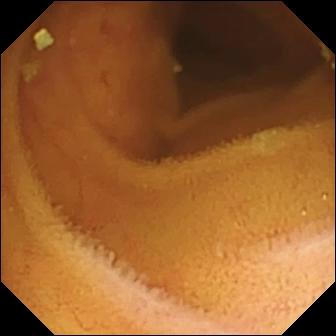Video capsule endoscopy — normal clean mucosa.